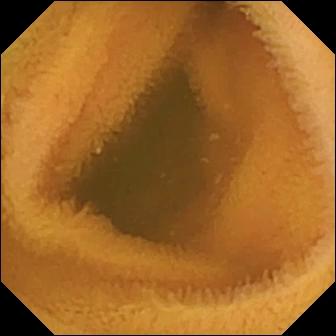PROCEDURE: Small-bowel capsule endoscopy.
SEGMENT: Small intestine.
FINDINGS: Normal clean mucosa.